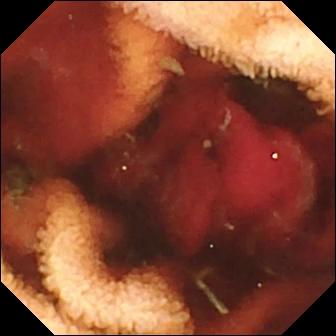Fresh blood in the lumen — VCE snapshot.